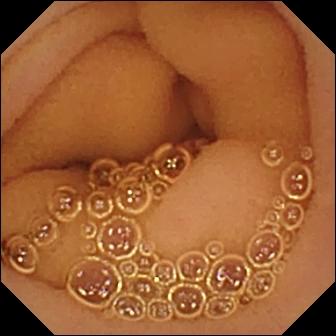{"modality": "wireless capsule endoscopy", "category": "luminal finding", "finding": "normal clean mucosa"}